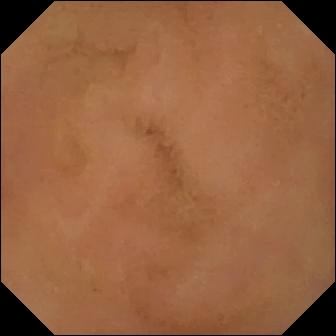modality: VCE; segment: small bowel; category: luminal finding; label: normal clean mucosa